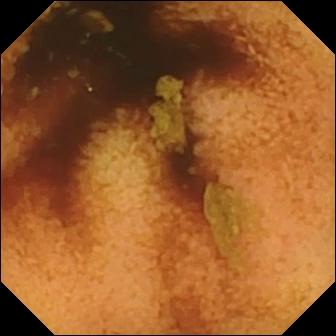Capsule endoscopy snapshot. Normal clean mucosa.